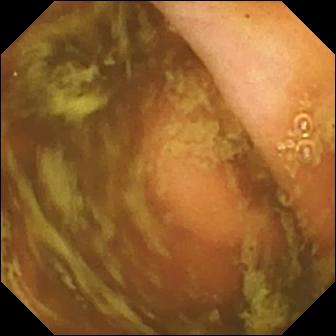Wireless capsule endoscopy — ileo-cecal valve region.